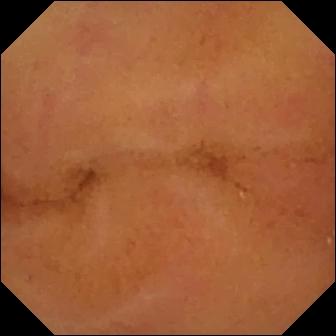Q: What does this capsule endoscopy view show?
A: Normal clean mucosa.